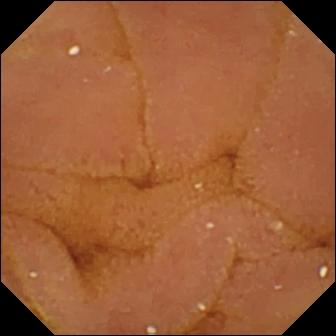Wireless capsule endoscopy — normal clean mucosa.